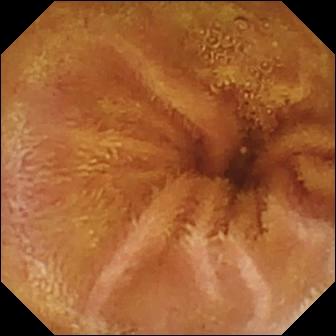Normal clean mucosa — capsule endoscopy frame.